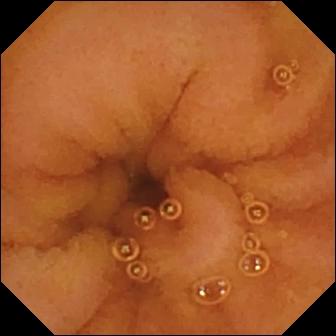VCE — normal clean mucosa.